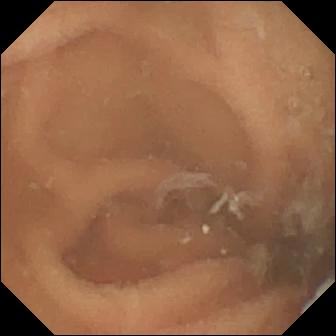modality: small-bowel capsule endoscopy | finding: normal clean mucosa